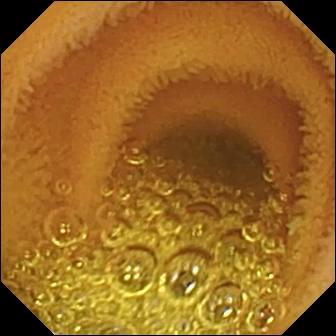Q: What does this capsule endoscopy snapshot of the small intestine show?
A: Normal clean mucosa.